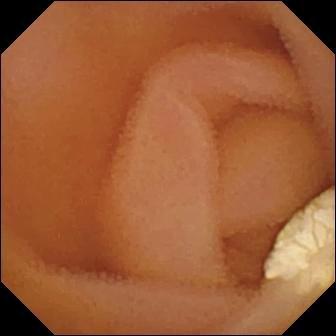- modality: VCE
- category: luminal finding
- label: lymphangiectasia